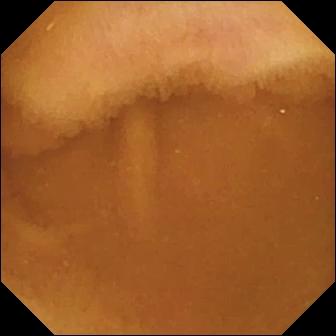modality: video capsule endoscopy | observation: normal clean mucosa